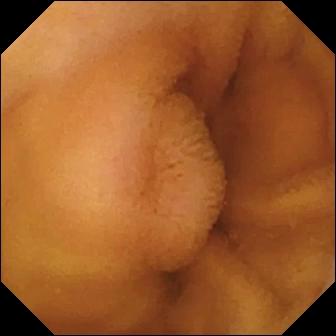Wireless capsule endoscopy. Small intestine. Impression: normal clean mucosa.